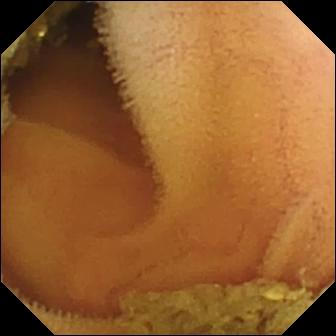Normal clean mucosa — WCE image.